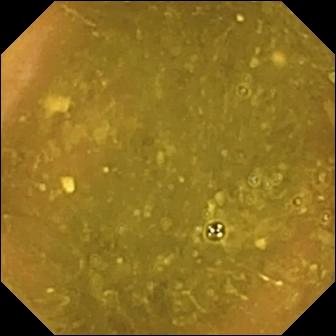{"modality": "wireless capsule endoscopy", "video_segment": "ileo-cecal valve region (where the capsule passes from the small bowel into the large bowel)"}